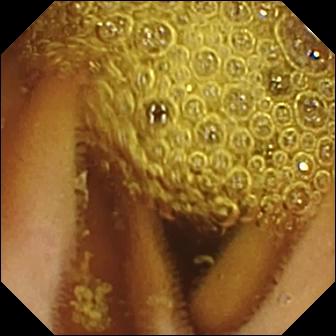PROCEDURE: WCE.
FINDINGS: Normal clean mucosa.